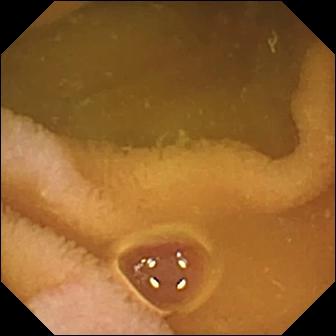Wireless capsule endoscopy. Small bowel. Label: normal clean mucosa.